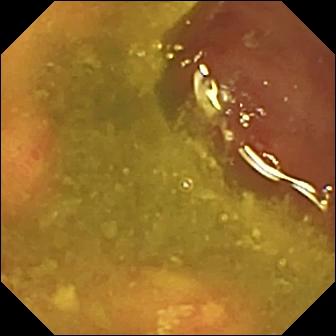VCE view. Ulcer.